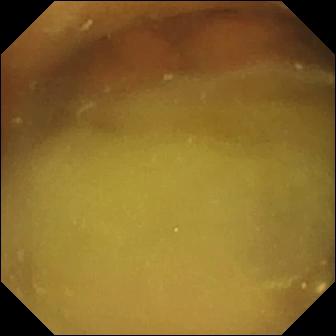VCE view
Observation: normal clean mucosa